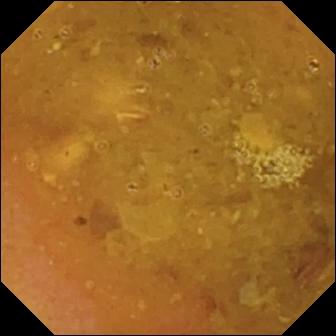- modality: video capsule endoscopy
- segment: small intestine
- category: luminal finding
- impression: reduced mucosal view (content or bubbles obscuring the mucosa)